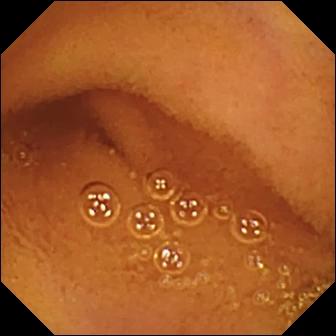PROCEDURE: Capsule endoscopy.
SEGMENT: Small bowel.
FINDINGS: Normal clean mucosa.